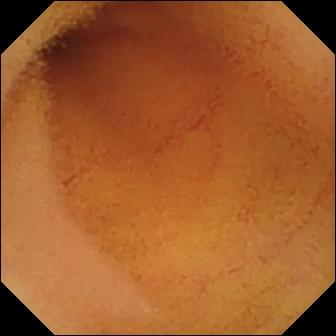Normal clean mucosa.